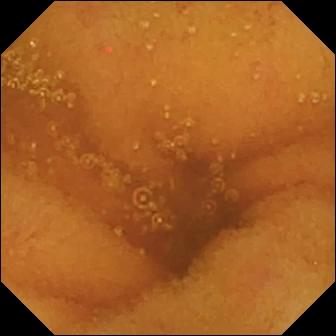This WCE view of the small bowel shows normal clean mucosa.